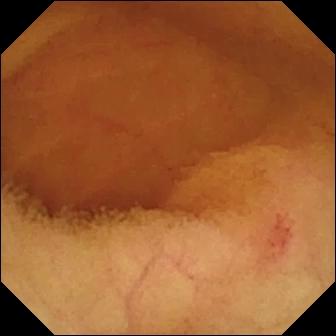{"modality": "WCE", "finding": "angiectasia"}